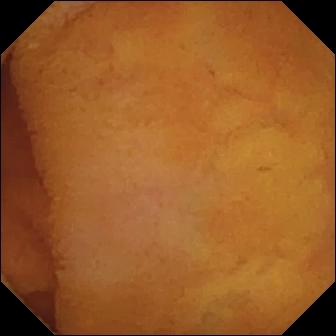Small-bowel capsule endoscopy still
Finding: normal clean mucosa